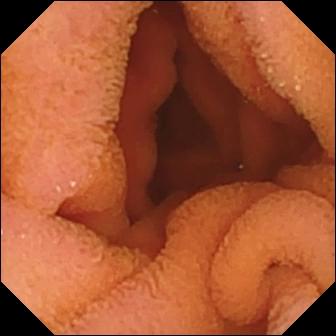Normal clean mucosa.